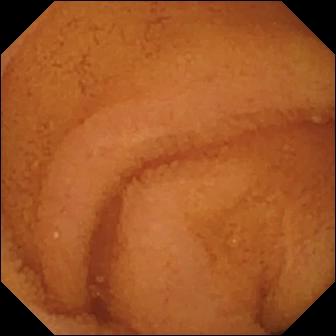- modality: small-bowel capsule endoscopy
- segment: small intestine
- impression: normal clean mucosa